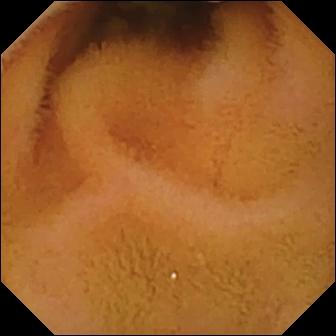Q: What does this WCE image show?
A: Normal clean mucosa.